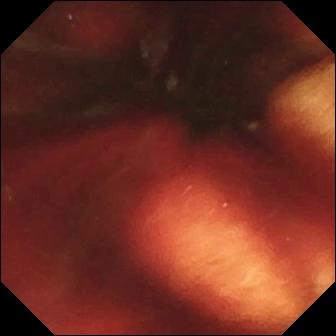Capsule endoscopy still showing fresh blood in the lumen.